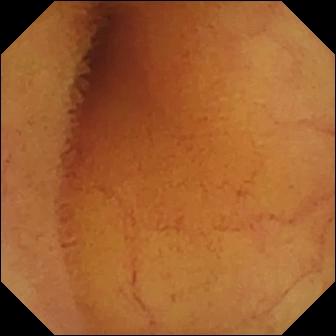Normal clean mucosa (336×336).